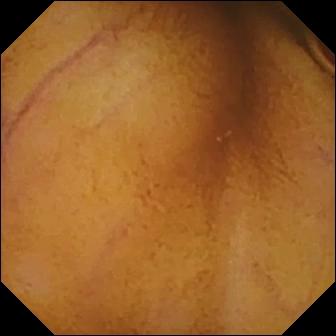Wireless capsule endoscopy — normal clean mucosa.